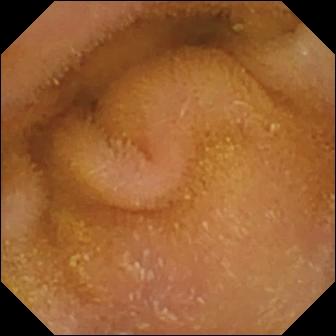WCE. Observation: normal clean mucosa.